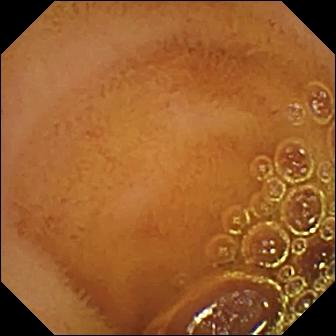Small-bowel capsule endoscopy. Impression: normal clean mucosa.